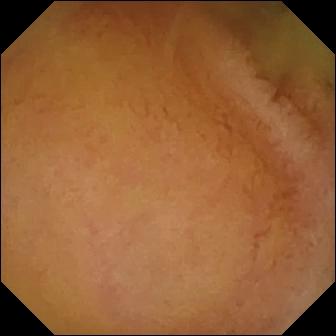This capsule endoscopy frame shows normal clean mucosa.